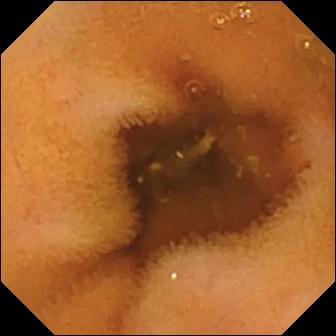This wireless capsule endoscopy view shows normal clean mucosa.